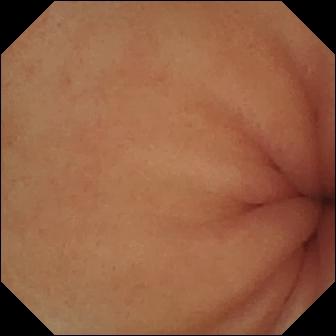- modality: WCE
- video segment: pylorus region (the junction between the stomach and the small bowel)